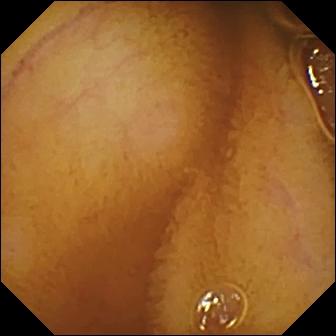Video capsule endoscopy frame
Finding: normal clean mucosa